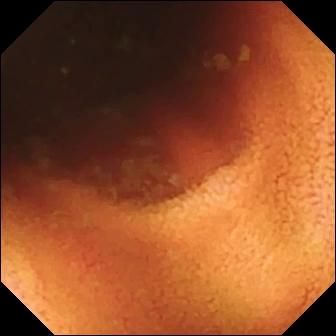modality: VCE; category: anatomical landmark; label: ileo-cecal valve region (the transition from the small bowel to the large bowel)